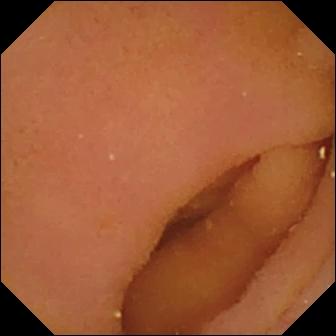- modality: wireless capsule endoscopy
- label: pylorus region (where the capsule passes from the stomach into the small bowel)